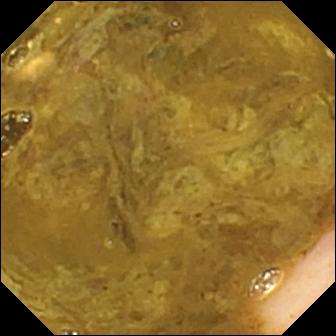- modality: WCE
- category: anatomical landmark
- label: ileo-cecal valve region